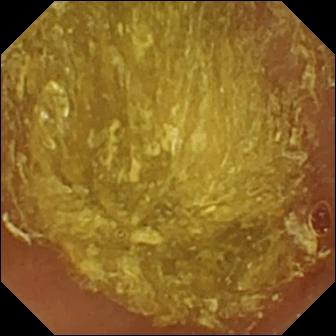Capsule endoscopy. Small intestine. Observation: reduced mucosal view (content or bubbles obscuring the mucosa).